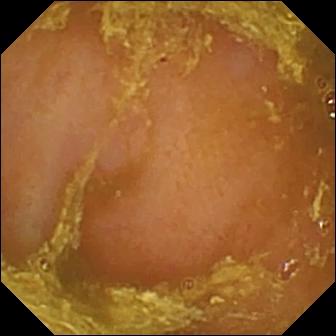PROCEDURE: Capsule endoscopy.
SEGMENT: Small bowel.
FINDINGS: Reduced mucosal view (content or bubbles obscuring the mucosa).